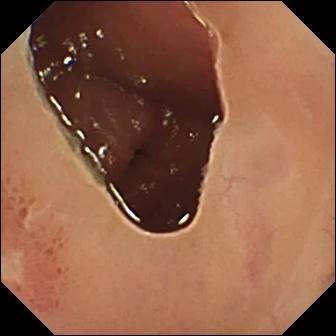Wireless capsule endoscopy snapshot. Ulcer.